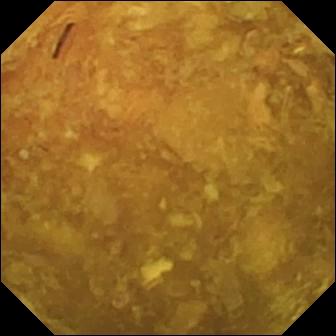modality: capsule endoscopy | observation: reduced mucosal view (content or bubbles obscuring the mucosa)